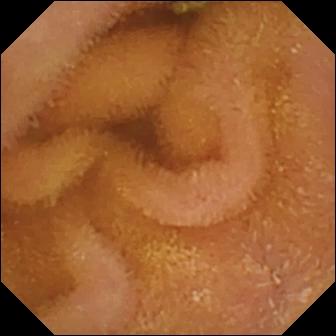WCE image of the small intestine showing normal clean mucosa.